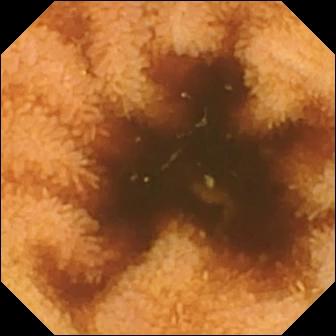Normal clean mucosa — small-bowel capsule endoscopy snapshot.